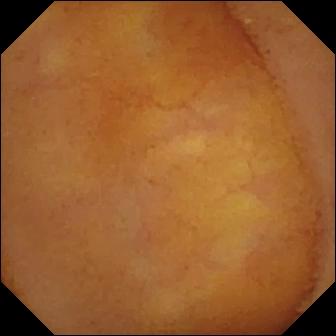Video capsule endoscopy still (small intestine). Normal clean mucosa.